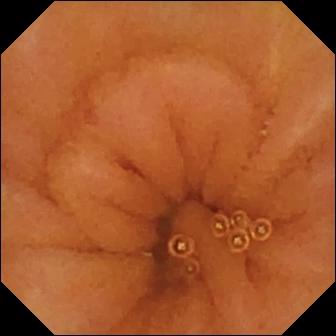{"modality": "wireless capsule endoscopy", "segment": "small bowel", "category": "luminal finding", "finding": "normal clean mucosa"}